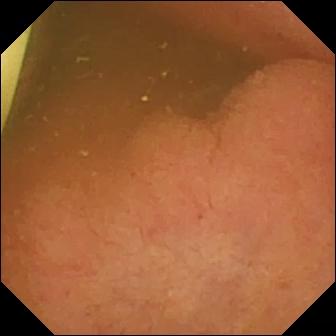Capsule endoscopy. Observation: foreign body (e.g. retained capsule, tablet residue).